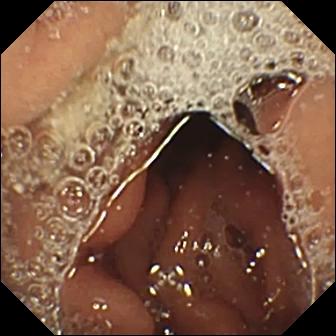WCE still. Taken in the pylorus region (the junction between the stomach and the small bowel).